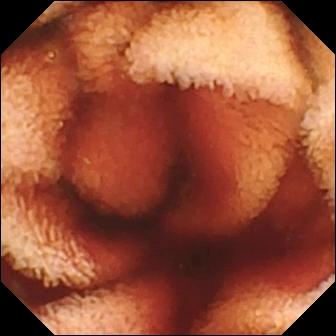Wireless capsule endoscopy snapshot
Impression: fresh blood in the lumen